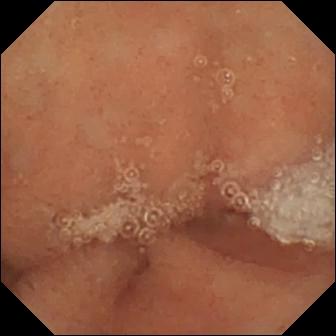Video capsule endoscopy — normal clean mucosa.